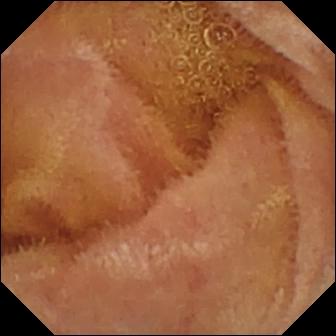WCE snapshot. Normal clean mucosa.